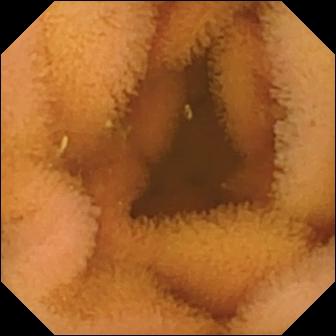Small-bowel capsule endoscopy — normal clean mucosa.